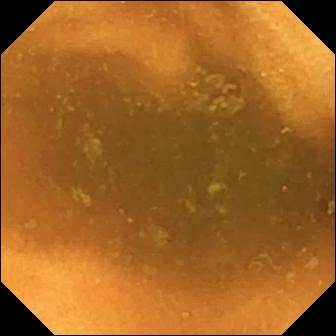Wireless capsule endoscopy frame. Normal clean mucosa.